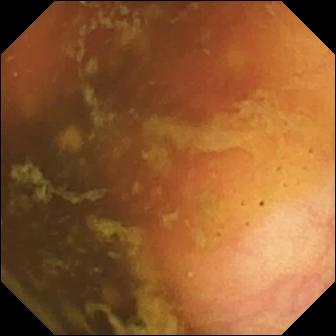Capsule endoscopy snapshot, 336×336. Taken in the ileo-cecal valve region (where the capsule passes from the small bowel into the large bowel).